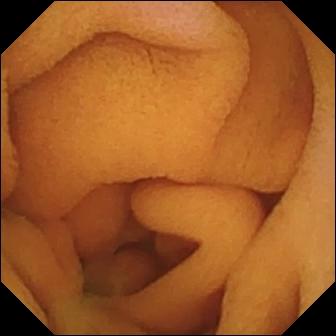WCE view
Observation: normal clean mucosa